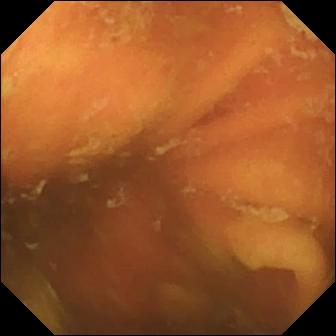This WCE image was taken in the ileo-cecal valve region (the transition from the small bowel to the large bowel).